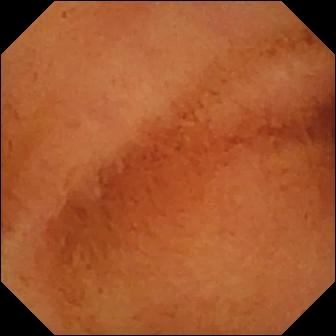Normal clean mucosa.